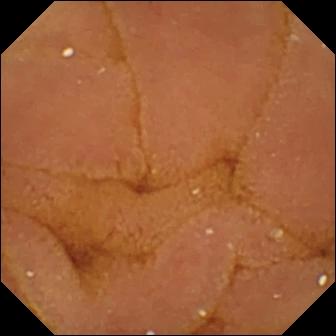{"modality": "small-bowel capsule endoscopy", "segment": "small bowel", "category": "luminal finding", "finding": "normal clean mucosa"}